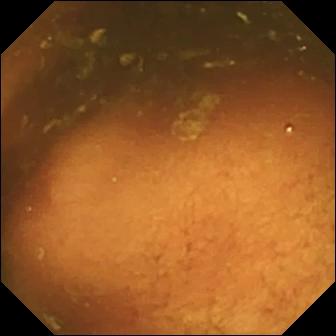- modality: wireless capsule endoscopy
- label: ileo-cecal valve region (where the capsule passes from the small bowel into the large bowel)